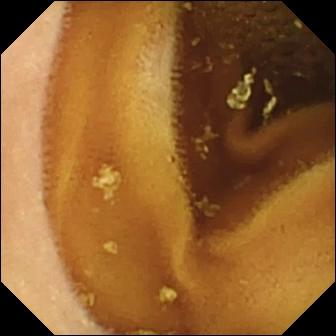Capsule endoscopy view showing normal clean mucosa.